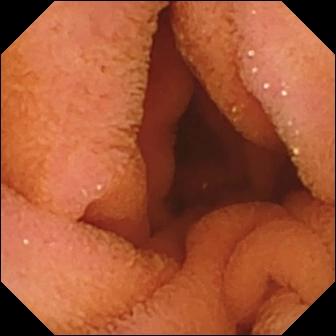Capsule endoscopy view. Normal clean mucosa.